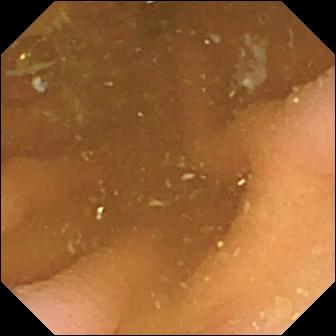Wireless capsule endoscopy image. Taken in the pylorus region.